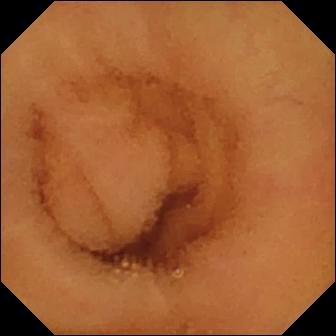- modality: small-bowel capsule endoscopy
- finding: normal clean mucosa